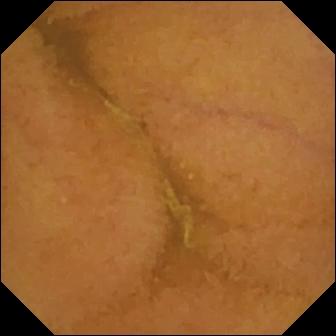WCE snapshot showing normal clean mucosa.